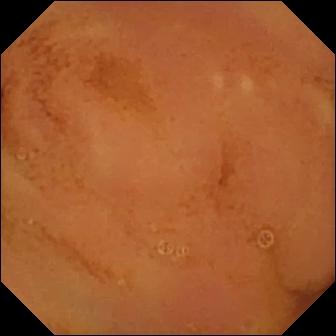Normal clean mucosa (336×336).